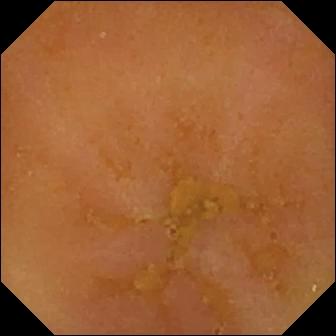WCE — reduced mucosal view (content or bubbles obscuring the mucosa).